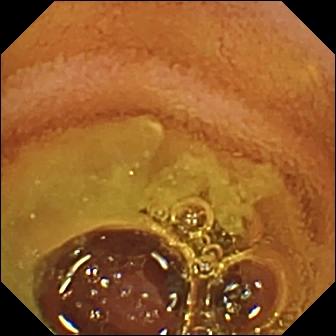Q: What does this WCE image of the small intestine show?
A: Normal clean mucosa.